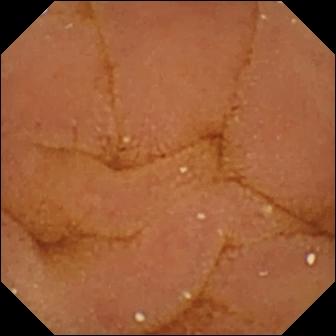Normal clean mucosa — video capsule endoscopy image.